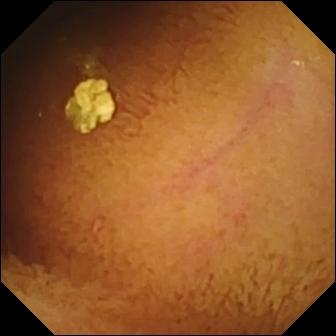Normal clean mucosa — small-bowel capsule endoscopy image.